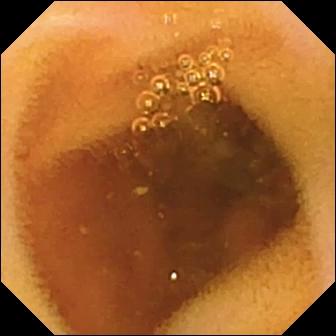Capsule endoscopy snapshot showing normal clean mucosa.